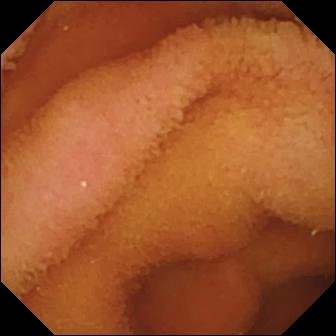Wireless capsule endoscopy. Impression: normal clean mucosa.